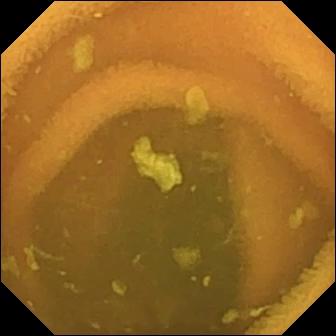Capsule endoscopy — normal clean mucosa.